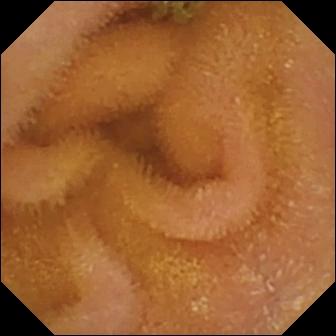Normal clean mucosa — VCE image of the small intestine.